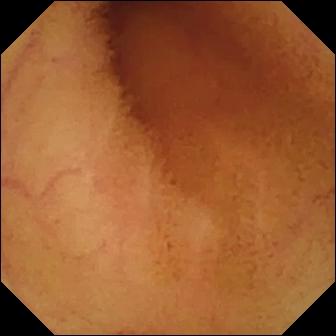modality: small-bowel capsule endoscopy | segment: small bowel | finding: normal clean mucosa